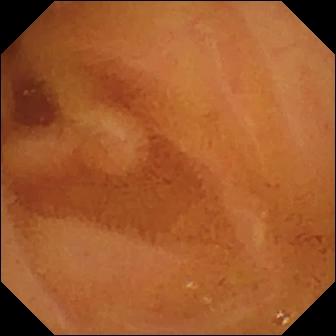Wireless capsule endoscopy. Impression: normal clean mucosa.